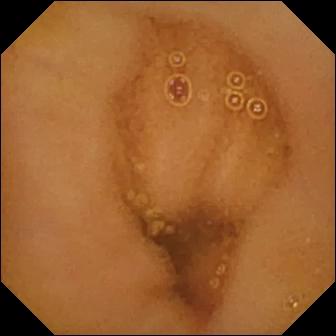This video capsule endoscopy view shows normal clean mucosa.